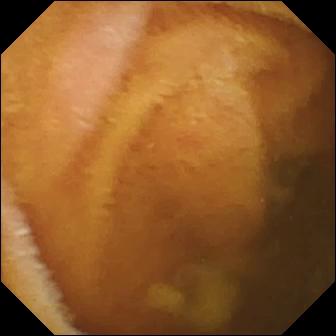- modality: WCE
- segment: small bowel
- category: luminal finding
- finding: normal clean mucosa